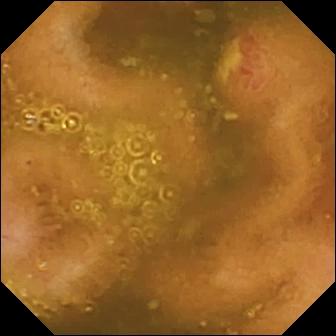modality: wireless capsule endoscopy; impression: ulcer